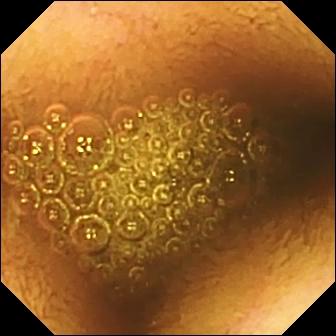Video capsule endoscopy snapshot. Reduced mucosal view (content or bubbles obscuring the mucosa).